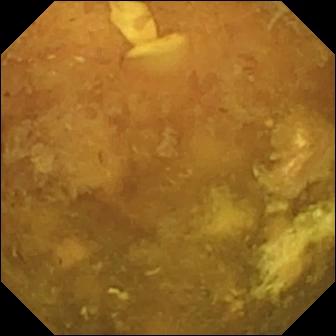- modality: video capsule endoscopy
- segment: small intestine
- observation: reduced mucosal view (content or bubbles obscuring the mucosa)